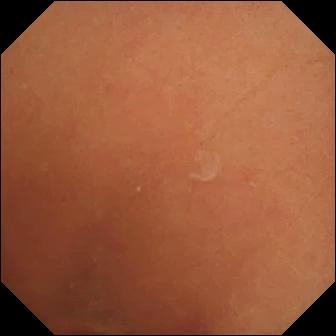modality: wireless capsule endoscopy | observation: normal clean mucosa